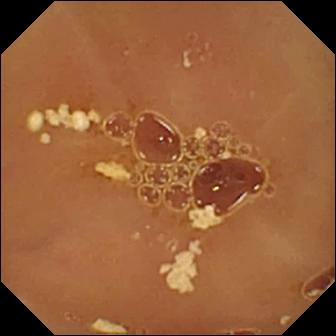Q: What does this small-bowel capsule endoscopy view show?
A: Normal clean mucosa.